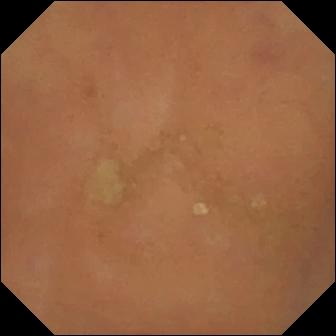{"modality": "small-bowel capsule endoscopy", "finding": "normal clean mucosa"}